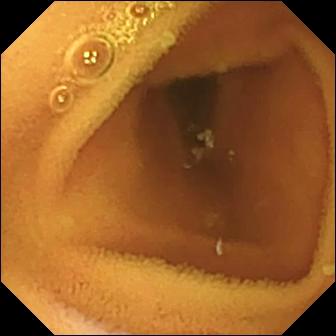PROCEDURE: Capsule endoscopy.
FINDINGS: Normal clean mucosa.